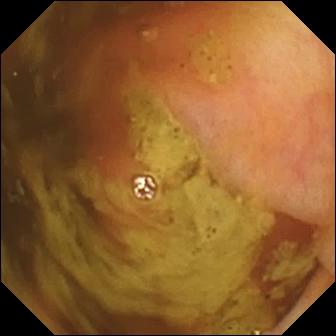This small-bowel capsule endoscopy snapshot was taken in the ileo-cecal valve region (where the capsule passes from the small bowel into the large bowel).